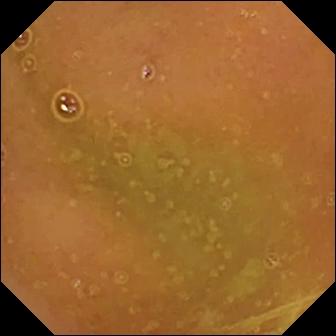Normal clean mucosa — wireless capsule endoscopy frame of the small intestine.